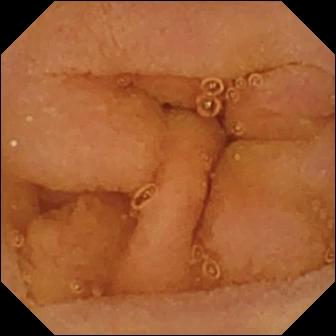Normal clean mucosa.